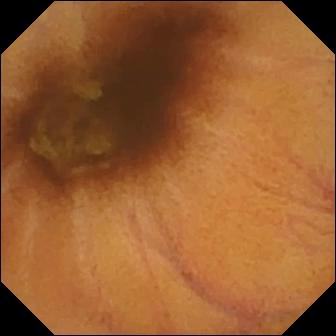Small-bowel capsule endoscopy. Luminal finding. Observation: normal clean mucosa.